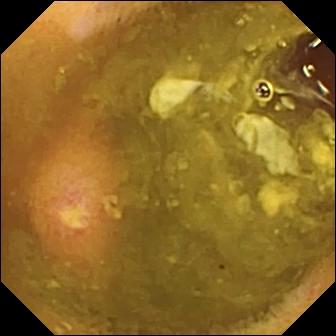Capsule endoscopy. Luminal finding. Finding: ulcer.